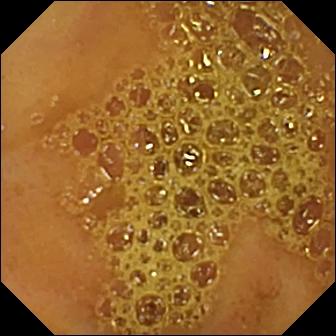PROCEDURE: Wireless capsule endoscopy.
LOCATION: Ileo-cecal valve region (where the capsule passes from the small bowel into the large bowel).